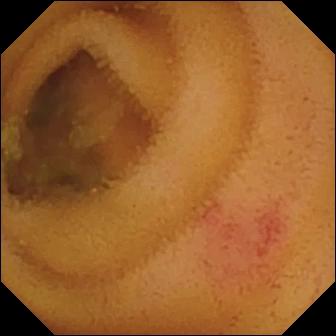Video capsule endoscopy view
Label: angiectasia